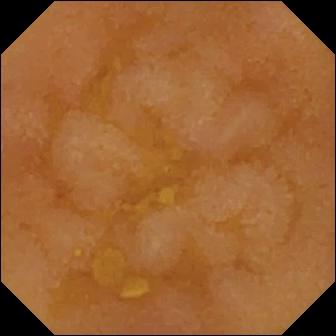PROCEDURE: VCE.
SEGMENT: Small bowel.
FINDINGS: Reduced mucosal view (content or bubbles obscuring the mucosa).